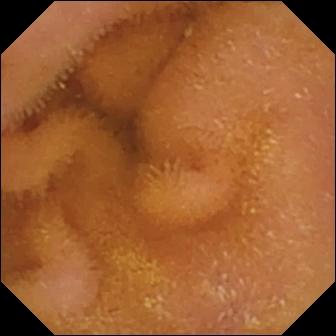Wireless capsule endoscopy view. Normal clean mucosa.